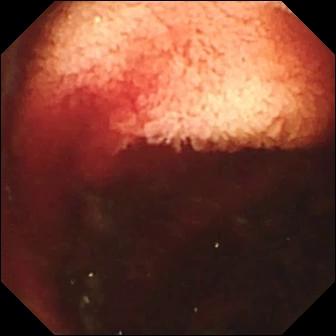Fresh blood in the lumen.